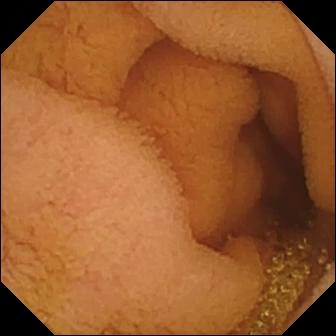WCE still (small intestine), 336×336. Normal clean mucosa.